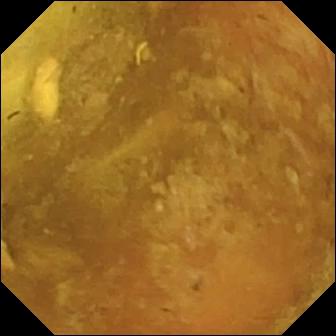Reduced mucosal view (content or bubbles obscuring the mucosa) — WCE view of the small bowel.